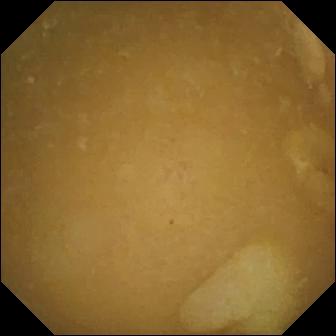Small-bowel capsule endoscopy — ileo-cecal valve region (where the capsule passes from the small bowel into the large bowel).